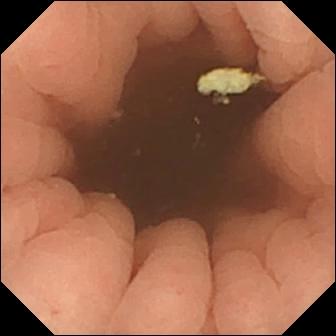- modality: video capsule endoscopy
- position: pylorus region (the junction between the stomach and the small bowel)